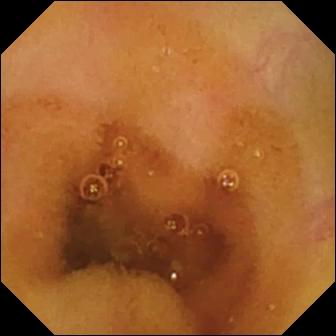Small-bowel capsule endoscopy snapshot of the small bowel showing normal clean mucosa.